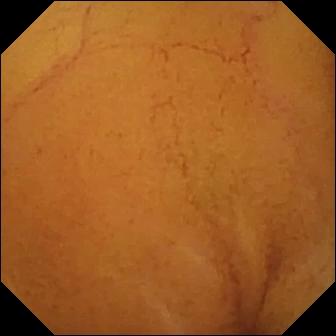Video capsule endoscopy image of the small intestine showing normal clean mucosa.